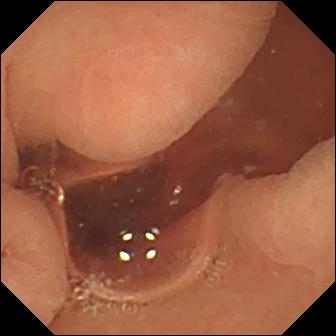modality: video capsule endoscopy
finding: normal clean mucosa